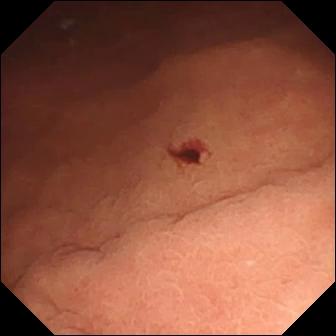Capsule endoscopy. Luminal finding. Finding: angiectasia.